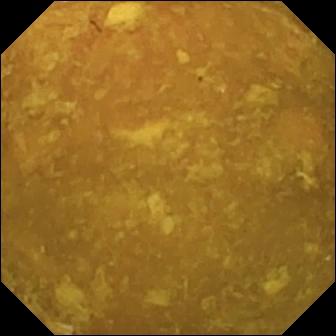Reduced mucosal view (content or bubbles obscuring the mucosa).